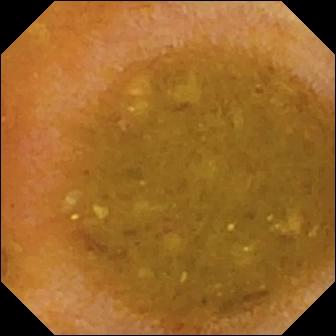Video capsule endoscopy. Luminal finding. Label: reduced mucosal view (content or bubbles obscuring the mucosa).